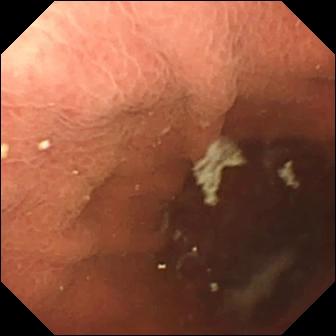This wireless capsule endoscopy image was taken in the pylorus region.